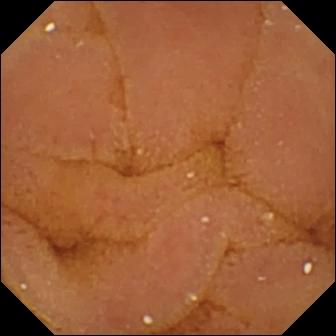Wireless capsule endoscopy image, small bowel
Observation: normal clean mucosa